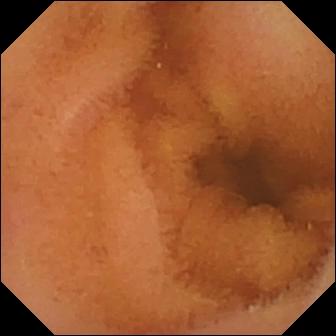modality: VCE
category: luminal finding
finding: normal clean mucosa